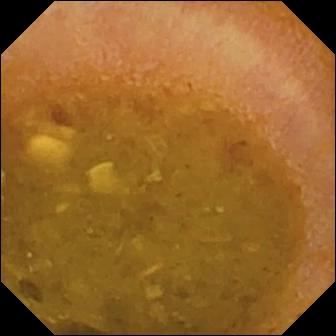VCE image (small intestine). Reduced mucosal view (content or bubbles obscuring the mucosa).